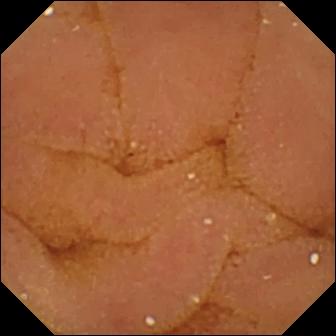{"modality": "capsule endoscopy", "segment": "small intestine", "finding": "normal clean mucosa"}